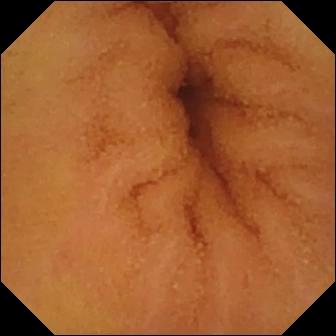Q: What does this video capsule endoscopy snapshot of the small intestine show?
A: Normal clean mucosa.